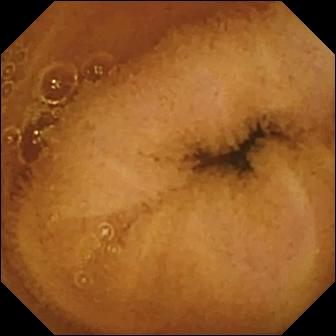- modality: small-bowel capsule endoscopy
- impression: normal clean mucosa